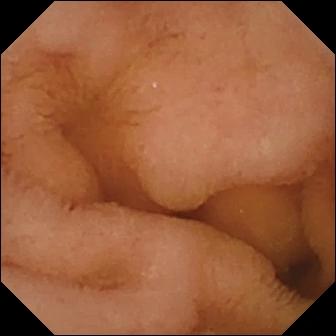This VCE view shows normal clean mucosa.